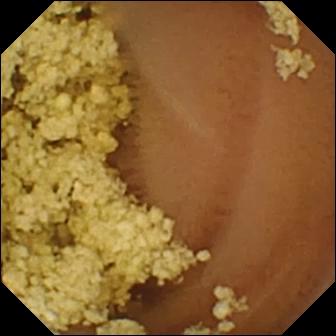This small-bowel capsule endoscopy view shows normal clean mucosa.